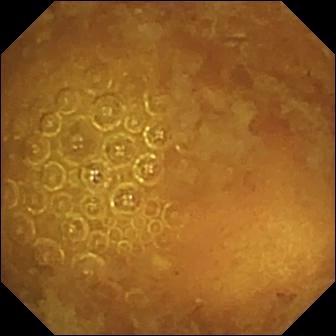PROCEDURE: Wireless capsule endoscopy.
FINDINGS: Reduced mucosal view (content or bubbles obscuring the mucosa).